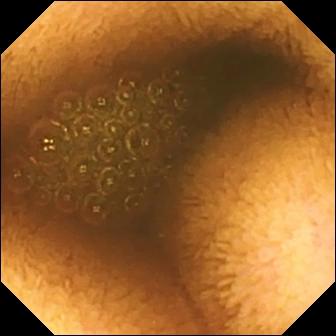Reduced mucosal view (content or bubbles obscuring the mucosa) (336×336).